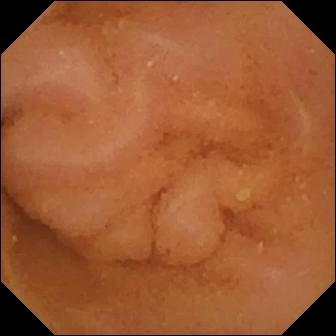Normal clean mucosa.